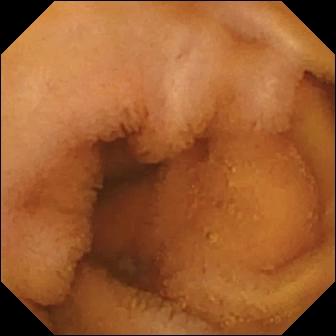Capsule endoscopy. Observation: normal clean mucosa.